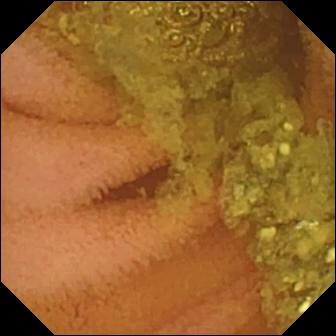Small-bowel capsule endoscopy frame showing normal clean mucosa.